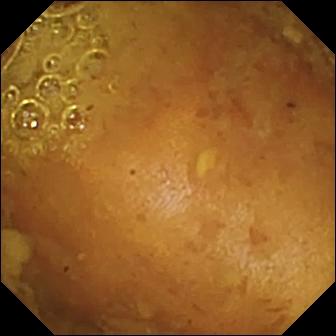modality: small-bowel capsule endoscopy; segment: small intestine; label: reduced mucosal view (content or bubbles obscuring the mucosa)